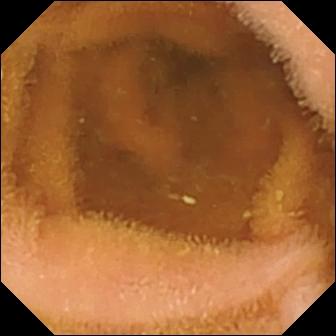modality: wireless capsule endoscopy; segment: small intestine; impression: normal clean mucosa